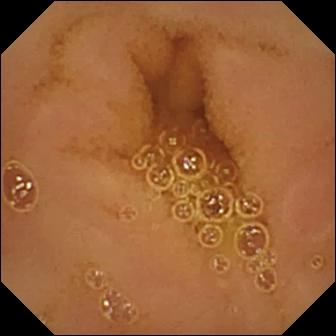- modality: VCE
- segment: small intestine
- finding: normal clean mucosa